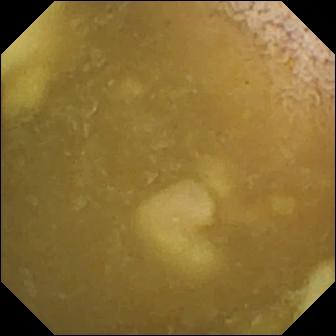Video capsule endoscopy view
Location: ileo-cecal valve region (the transition from the small bowel to the large bowel)